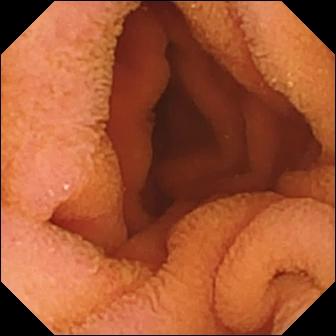Wireless capsule endoscopy frame. Normal clean mucosa.